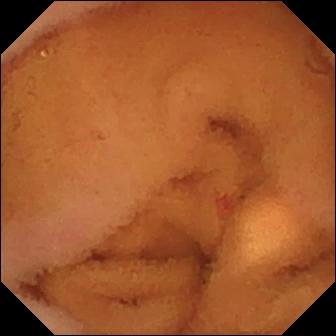Capsule endoscopy snapshot, small bowel
Finding: normal clean mucosa